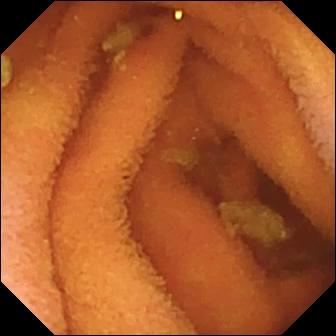Q: What does this wireless capsule endoscopy snapshot show?
A: Normal clean mucosa.